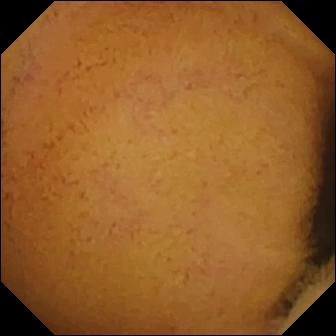Normal clean mucosa.